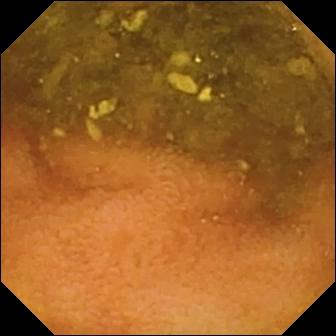Normal clean mucosa — video capsule endoscopy frame.